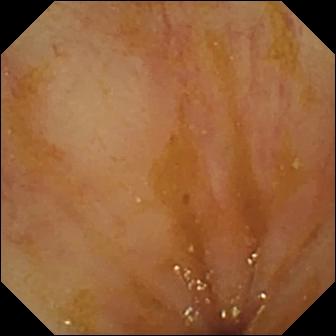Capsule endoscopy view
Label: ileo-cecal valve region